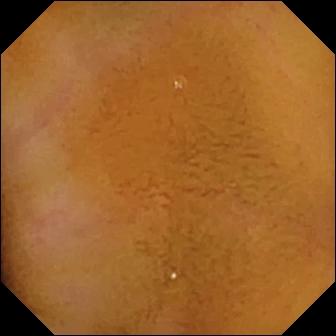This small-bowel capsule endoscopy still of the small intestine shows normal clean mucosa.